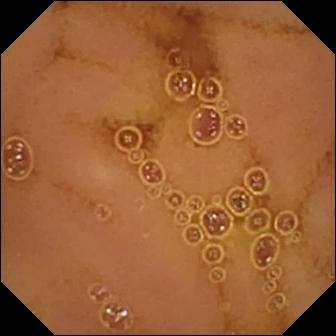WCE still
Impression: normal clean mucosa